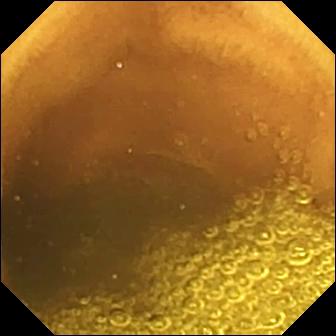- modality: video capsule endoscopy
- category: luminal finding
- label: normal clean mucosa